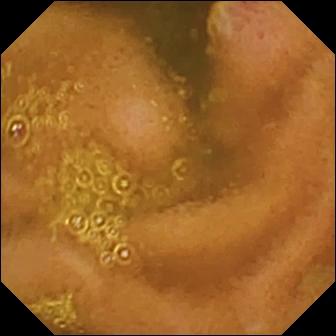Wireless capsule endoscopy image
Observation: ulcer